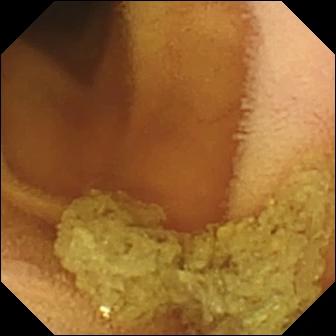Q: What does this wireless capsule endoscopy snapshot show?
A: Normal clean mucosa.